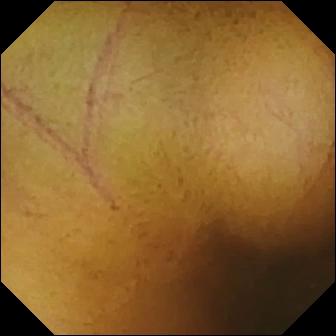PROCEDURE: WCE.
FINDINGS: Normal clean mucosa.